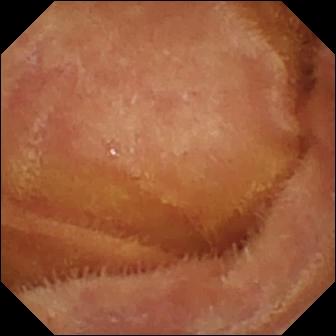Normal clean mucosa (336×336).